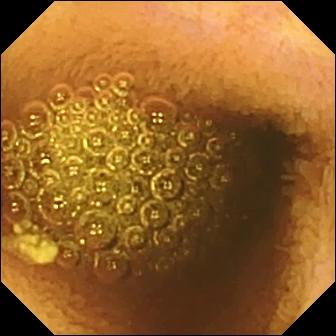- modality: WCE
- segment: small intestine
- observation: reduced mucosal view (content or bubbles obscuring the mucosa)